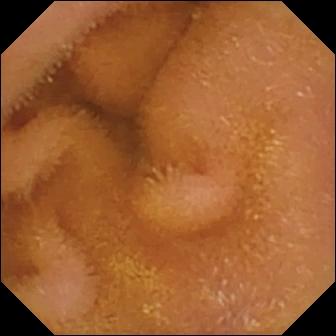Normal clean mucosa.